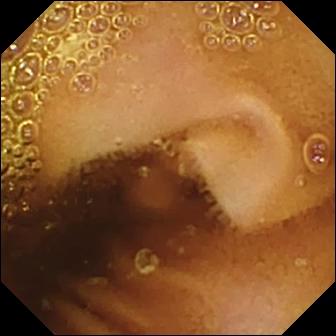modality: WCE
segment: small intestine
impression: normal clean mucosa